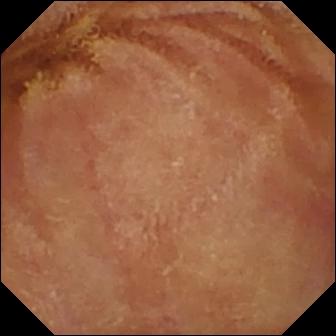VCE snapshot
Impression: normal clean mucosa